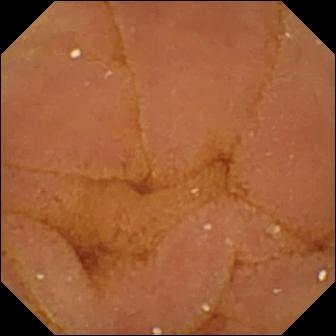- modality: wireless capsule endoscopy
- category: luminal finding
- impression: normal clean mucosa